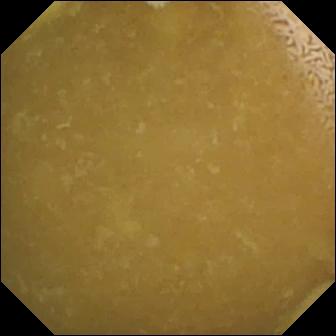Wireless capsule endoscopy still
Location: ileo-cecal valve region (where the capsule passes from the small bowel into the large bowel)